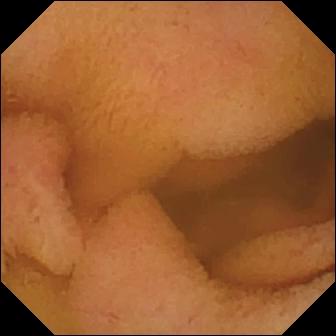Q: What does this wireless capsule endoscopy view show?
A: Normal clean mucosa.